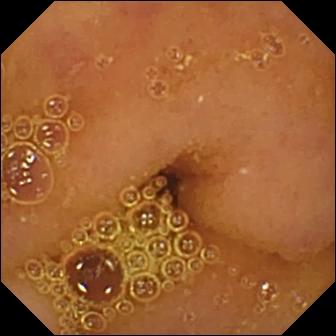{"modality": "wireless capsule endoscopy", "finding": "normal clean mucosa"}